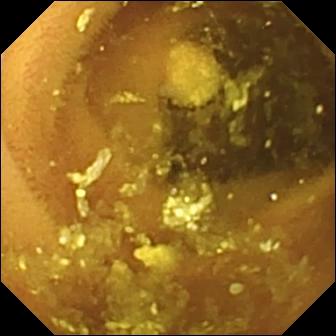Capsule endoscopy — lymphangiectasia.